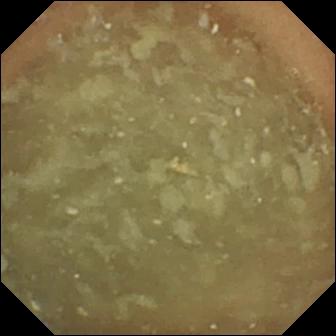Video capsule endoscopy — normal clean mucosa.